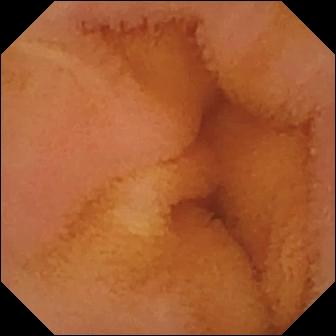PROCEDURE: Capsule endoscopy.
FINDINGS: Normal clean mucosa.